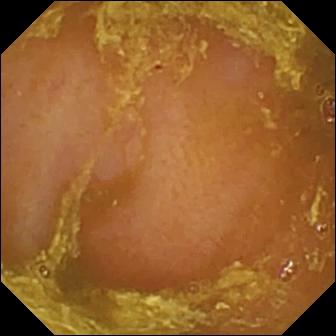WCE still, 336×336. Reduced mucosal view (content or bubbles obscuring the mucosa).